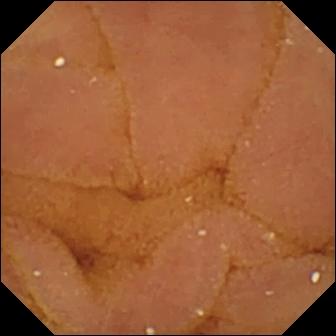Small-bowel capsule endoscopy — normal clean mucosa.